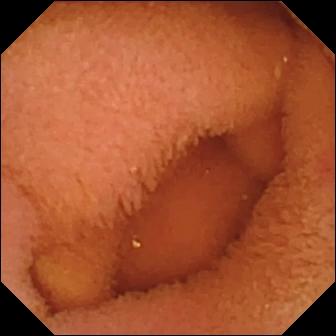Normal clean mucosa — WCE frame of the small intestine.